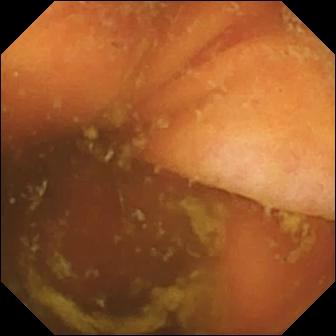WCE. Label: ileo-cecal valve region.